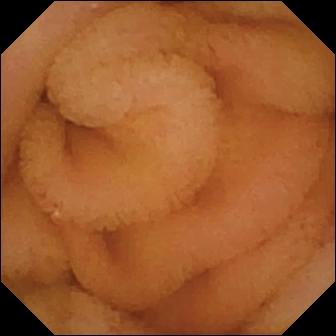Normal clean mucosa.